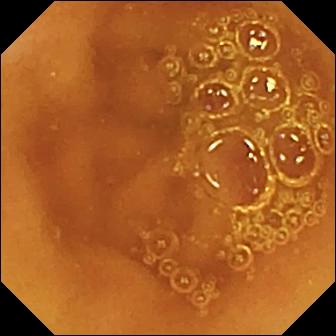- modality: video capsule endoscopy
- segment: small intestine
- impression: normal clean mucosa